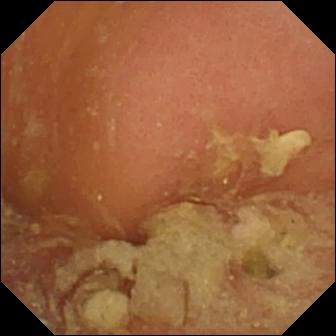Pylorus region — small-bowel capsule endoscopy snapshot.